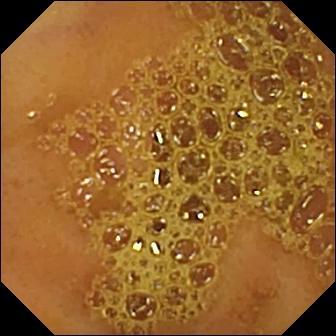- modality: small-bowel capsule endoscopy
- location: ileo-cecal valve region (where the capsule passes from the small bowel into the large bowel)